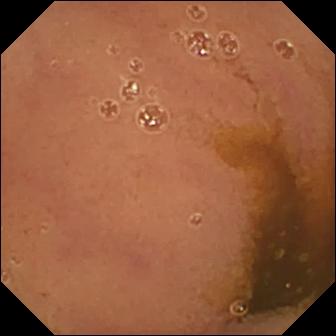WCE frame (small intestine), 336×336. Normal clean mucosa.